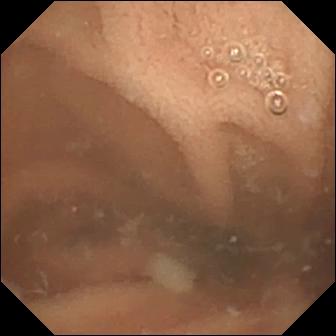Normal clean mucosa.